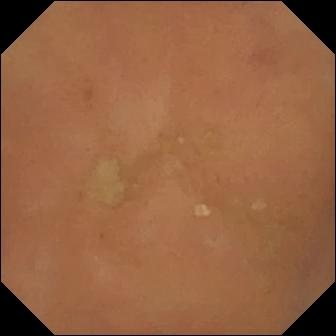{"modality": "video capsule endoscopy", "finding": "normal clean mucosa"}